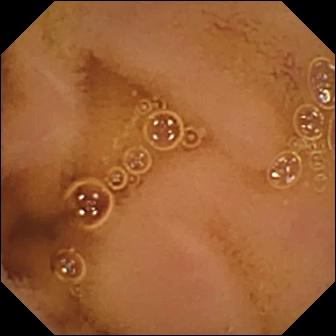Capsule endoscopy view. Normal clean mucosa.